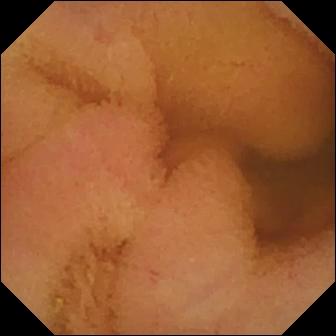Capsule endoscopy snapshot of the small bowel showing normal clean mucosa.